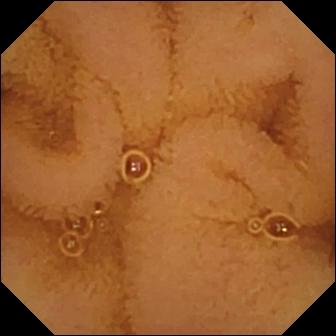- modality: capsule endoscopy
- category: luminal finding
- label: normal clean mucosa